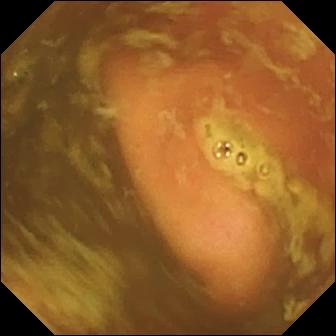Ileo-cecal valve region — small-bowel capsule endoscopy frame.